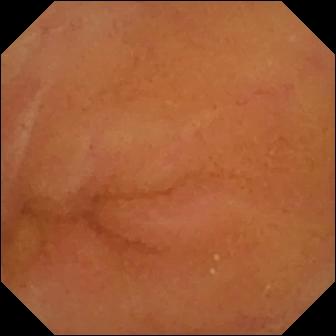This capsule endoscopy view of the small intestine shows normal clean mucosa.